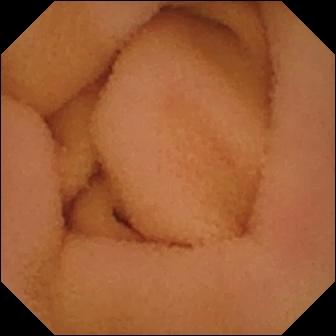- modality: WCE
- label: normal clean mucosa